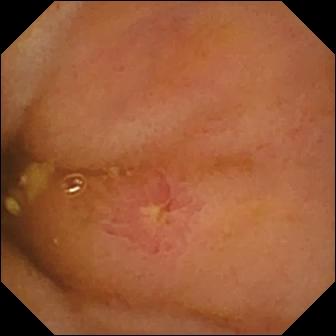Small-bowel capsule endoscopy — ulcer.